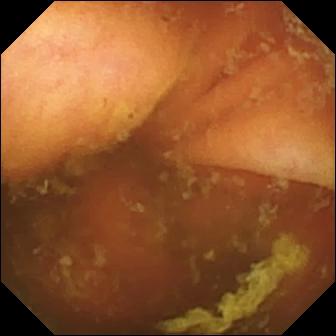PROCEDURE: Video capsule endoscopy.
LOCATION: Ileo-cecal valve region (the transition from the small bowel to the large bowel).